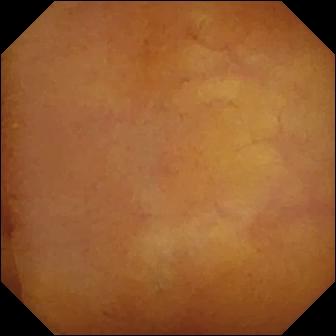modality: VCE | segment: small bowel | category: luminal finding | finding: normal clean mucosa